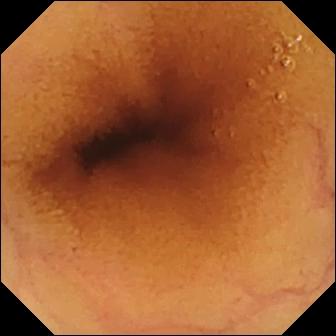- modality: VCE
- segment: small intestine
- finding: normal clean mucosa